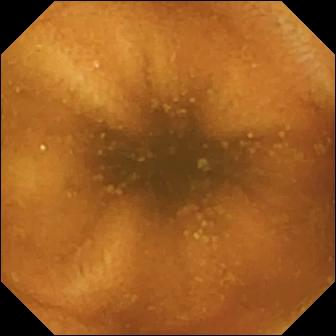{"modality": "capsule endoscopy", "category": "luminal finding", "finding": "normal clean mucosa"}